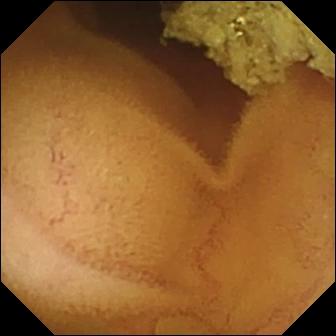Q: What does this WCE frame show?
A: Normal clean mucosa.